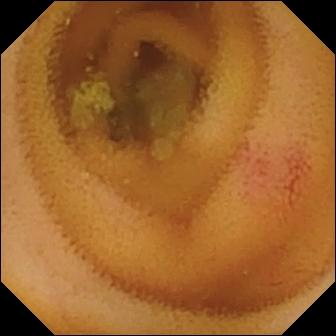This VCE still shows angiectasia.